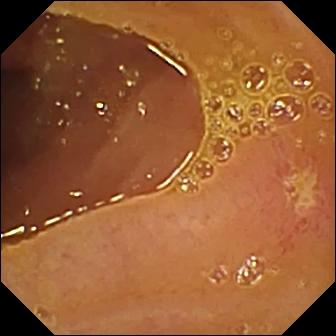Capsule endoscopy image showing ulcer.